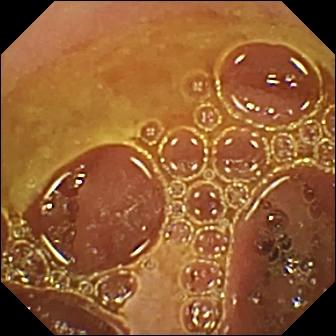Capsule endoscopy — normal clean mucosa.